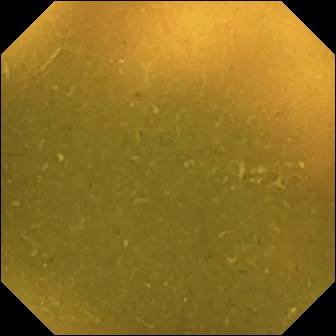{"modality": "capsule endoscopy", "video_segment": "ileo-cecal valve region (the transition from the small bowel to the large bowel)"}